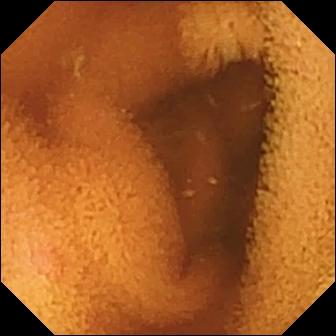{"modality": "wireless capsule endoscopy", "segment": "small intestine", "category": "luminal finding", "finding": "normal clean mucosa"}